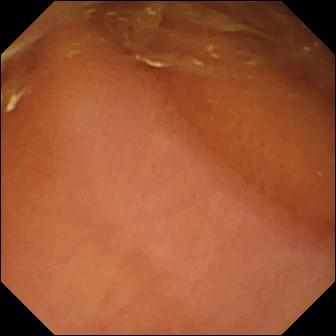This capsule endoscopy image of the small intestine shows normal clean mucosa.